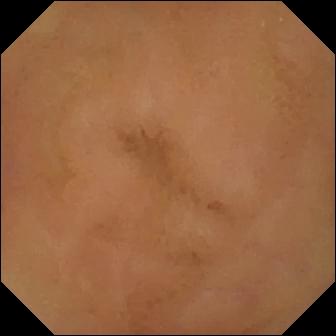Normal clean mucosa.